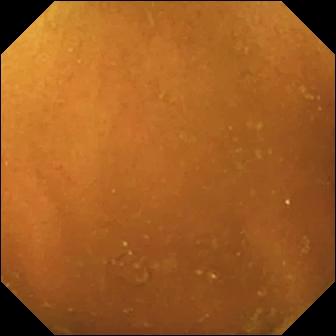Normal clean mucosa.